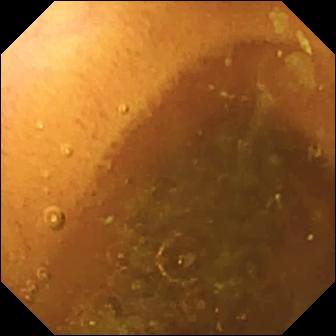modality: VCE
segment: small intestine
observation: normal clean mucosa